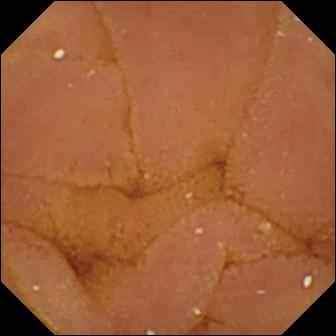This capsule endoscopy image of the small bowel shows normal clean mucosa.